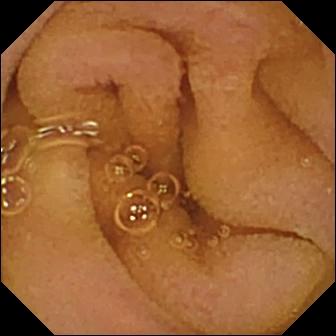Small-bowel capsule endoscopy frame showing normal clean mucosa.